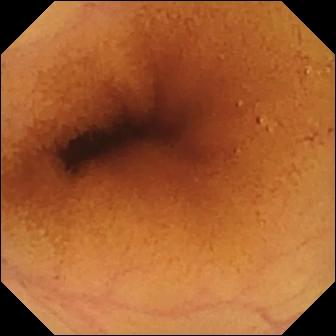{"modality": "wireless capsule endoscopy", "finding": "normal clean mucosa"}